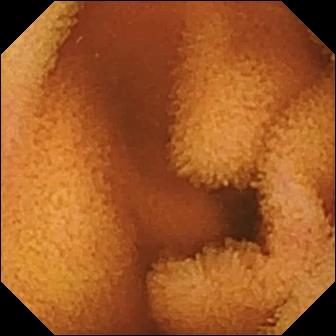- modality: WCE
- observation: normal clean mucosa